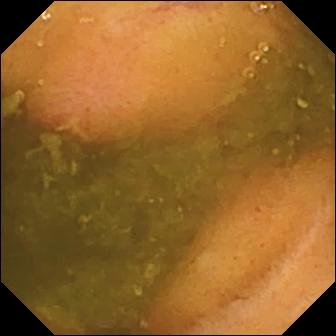VCE. Label: ulcer.